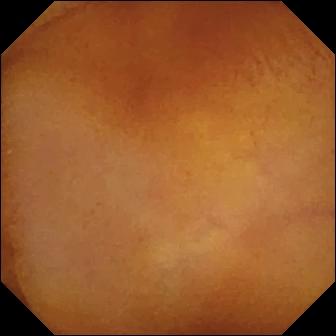modality: small-bowel capsule endoscopy; segment: small bowel; label: normal clean mucosa